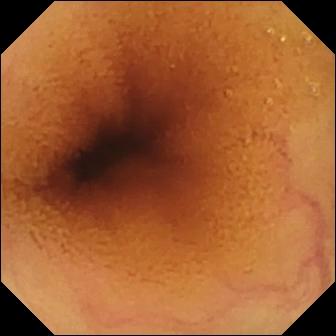Capsule endoscopy. Small bowel. Impression: normal clean mucosa.